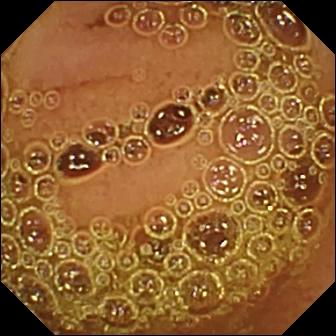modality: capsule endoscopy | label: normal clean mucosa